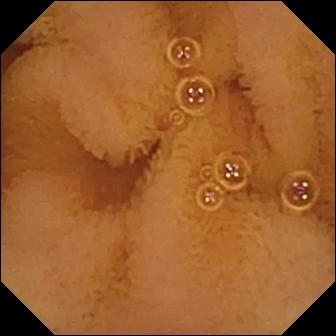Normal clean mucosa — WCE still.